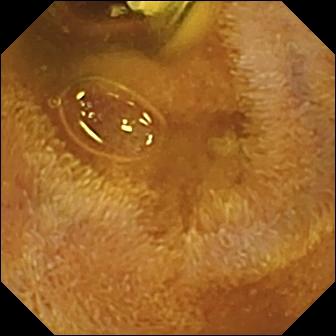VCE image showing foreign body (e.g. retained capsule, tablet residue).